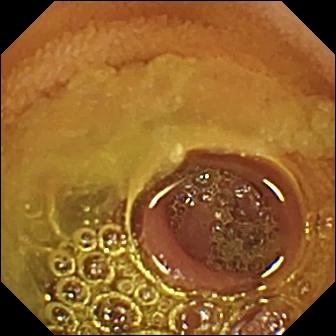PROCEDURE: Video capsule endoscopy.
FINDINGS: Normal clean mucosa.